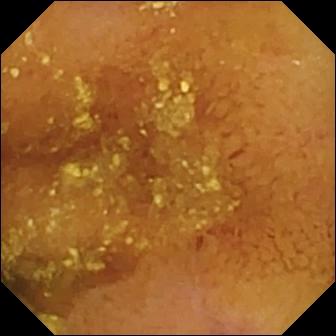- modality: video capsule endoscopy
- observation: normal clean mucosa